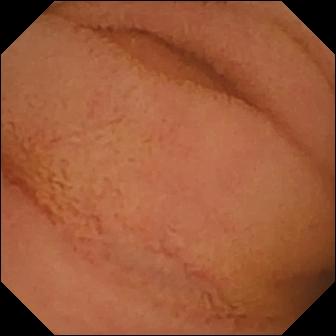Video capsule endoscopy. Small intestine. Label: normal clean mucosa.